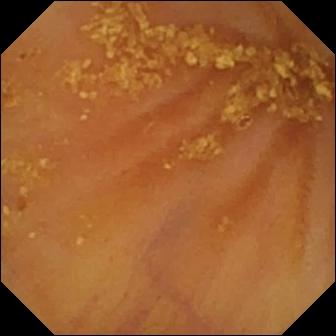- modality: capsule endoscopy
- location: ileo-cecal valve region